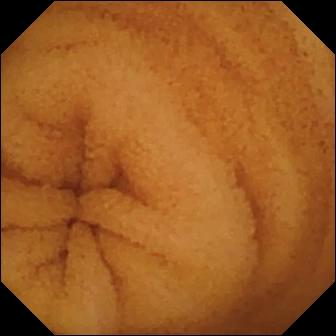Normal clean mucosa (336×336).